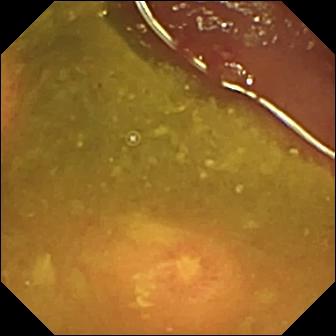{"modality": "WCE", "finding": "ulcer"}